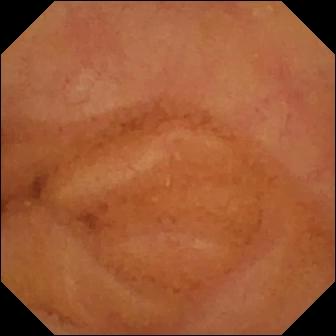VCE. Small bowel. Luminal finding. Label: normal clean mucosa.